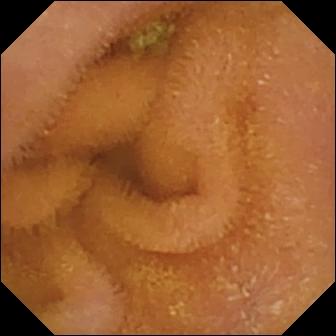Q: What does this wireless capsule endoscopy view show?
A: Normal clean mucosa.